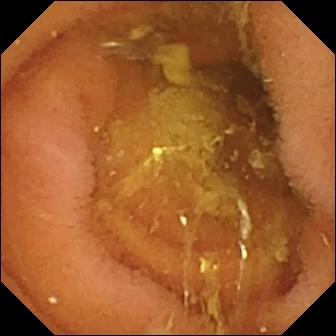{"modality": "WCE", "finding": "normal clean mucosa"}